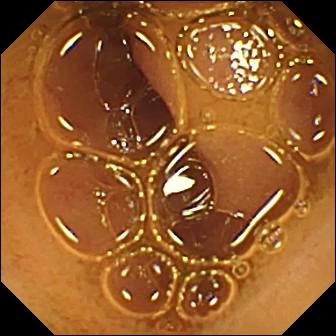Small-bowel capsule endoscopy — normal clean mucosa.